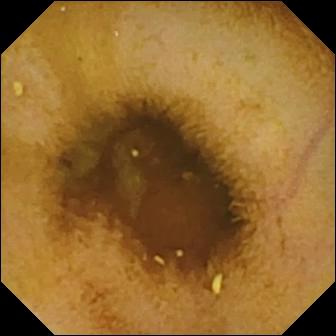Video capsule endoscopy frame showing normal clean mucosa.